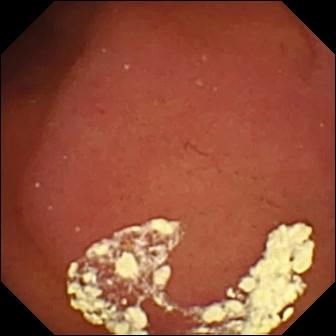Q: Where in the digestive tract was this wireless capsule endoscopy view taken?
A: Pylorus region (where the capsule passes from the stomach into the small bowel).